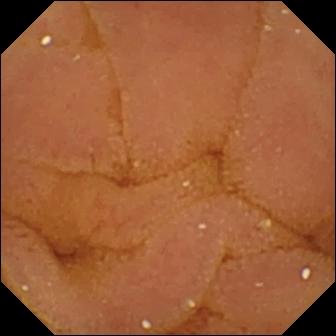modality: wireless capsule endoscopy
category: luminal finding
label: normal clean mucosa